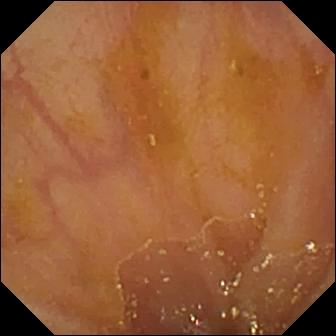WCE. Near an anatomical landmark. Video segment: ileo-cecal valve region (the transition from the small bowel to the large bowel).